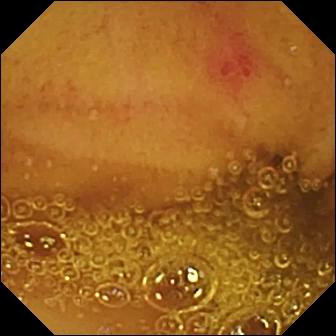This wireless capsule endoscopy view shows angiectasia.